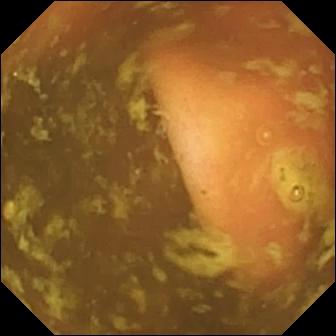Ileo-cecal valve region — WCE view.